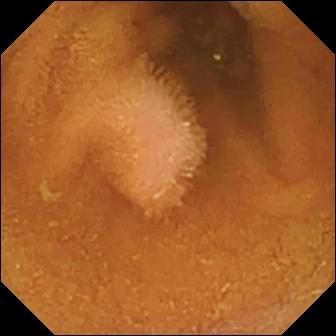- modality: video capsule endoscopy
- category: luminal finding
- impression: normal clean mucosa